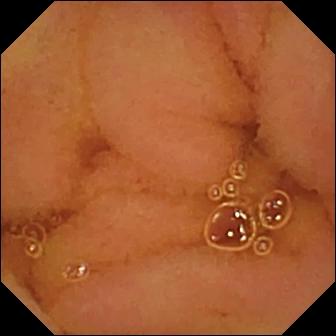{"modality": "VCE", "category": "luminal finding", "finding": "normal clean mucosa"}